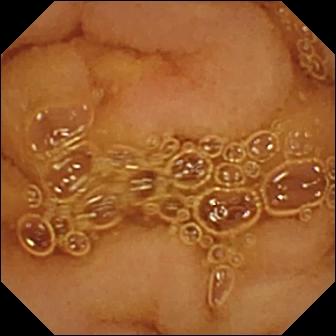PROCEDURE: WCE.
SEGMENT: Small intestine.
FINDINGS: Normal clean mucosa.